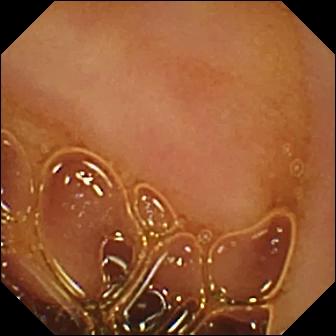Capsule endoscopy. Finding: normal clean mucosa.